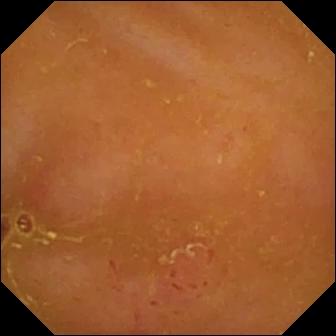modality: video capsule endoscopy | observation: erythema (mucosal redness)